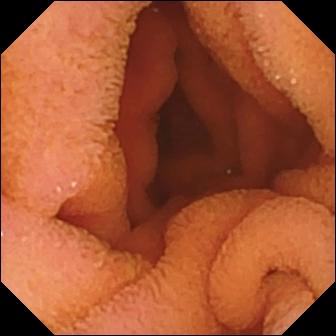{"modality": "capsule endoscopy", "category": "luminal finding", "finding": "normal clean mucosa"}